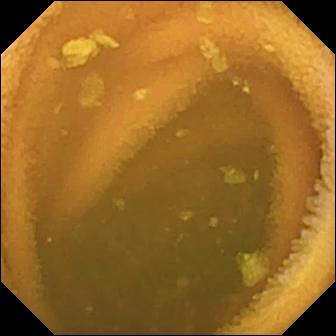PROCEDURE: WCE.
FINDINGS: Normal clean mucosa.